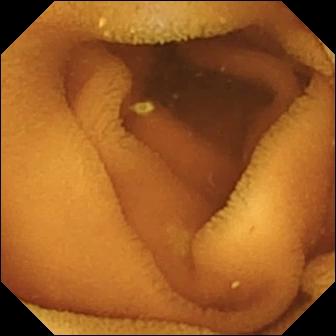Capsule endoscopy still, 336×336. Normal clean mucosa.